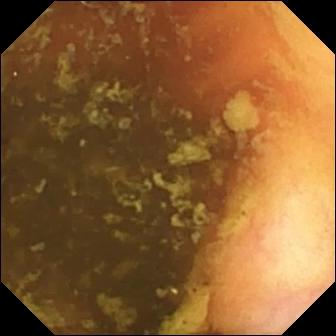Video capsule endoscopy — ileo-cecal valve region (where the capsule passes from the small bowel into the large bowel).